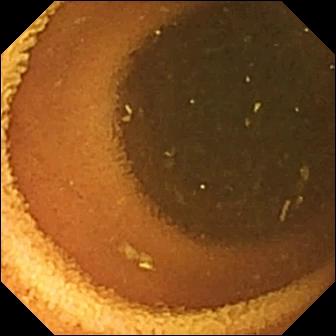Normal clean mucosa — video capsule endoscopy snapshot of the small intestine.